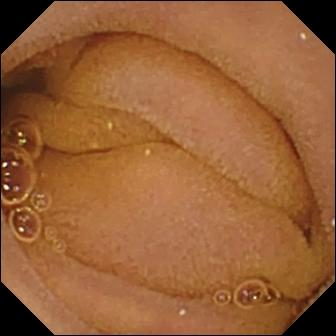Capsule endoscopy. Small bowel. Observation: normal clean mucosa.